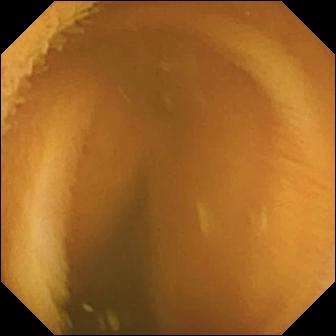{"modality": "WCE", "finding": "normal clean mucosa"}